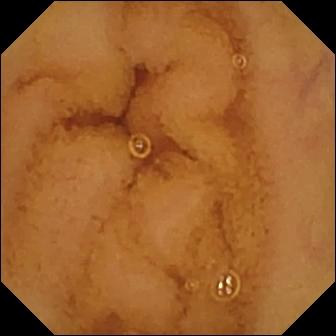Normal clean mucosa — wireless capsule endoscopy snapshot.